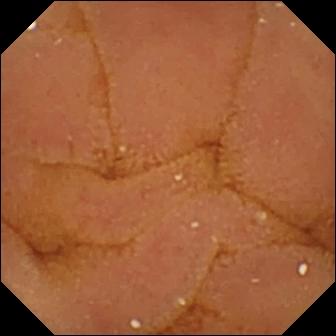- modality: small-bowel capsule endoscopy
- segment: small intestine
- observation: normal clean mucosa